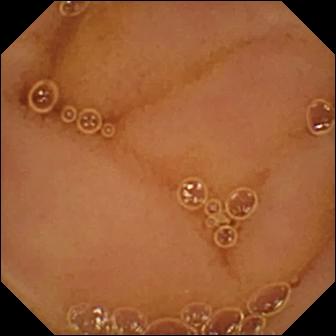PROCEDURE: VCE.
FINDINGS: Normal clean mucosa.